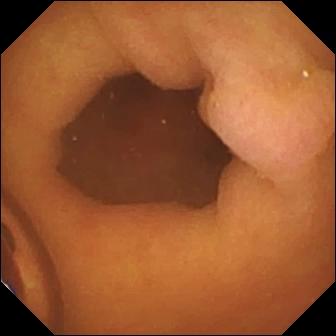WCE image
Finding: foreign body (e.g. retained capsule, tablet residue)